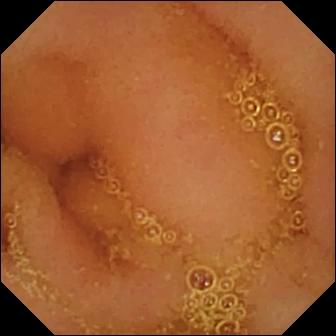- modality: wireless capsule endoscopy
- segment: small bowel
- impression: normal clean mucosa